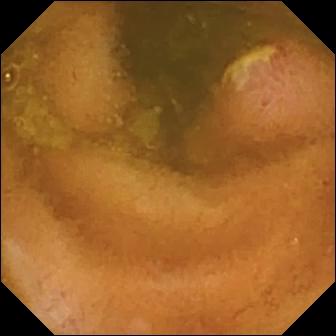Ulcer — wireless capsule endoscopy view.